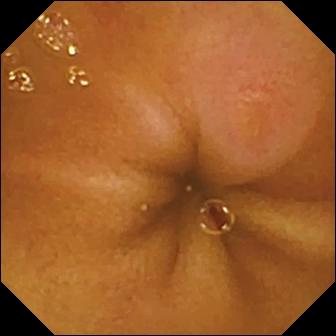modality: video capsule endoscopy; category: luminal finding; label: erosion